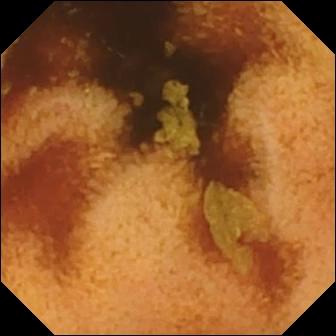Normal clean mucosa.